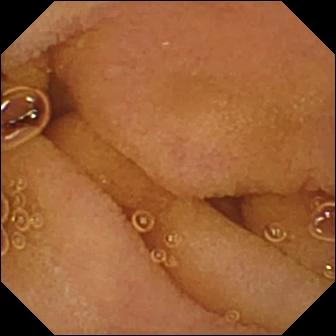Video capsule endoscopy view (small intestine). Normal clean mucosa.